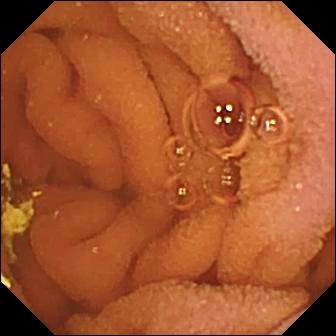Q: What does this small-bowel capsule endoscopy frame of the small bowel show?
A: Normal clean mucosa.